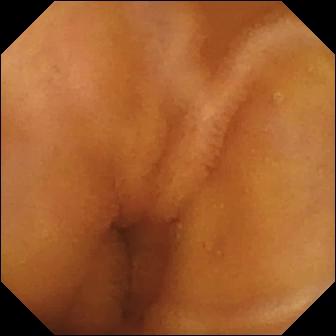Wireless capsule endoscopy — normal clean mucosa.